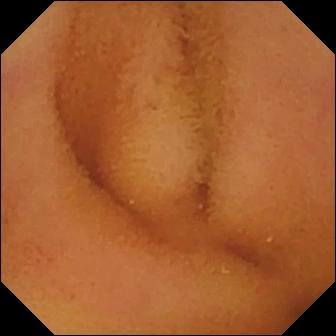Normal clean mucosa — capsule endoscopy image.